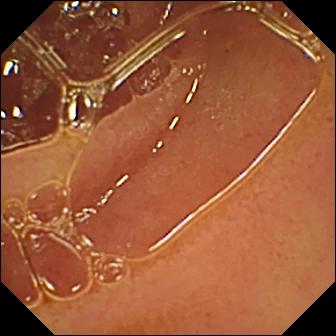modality: capsule endoscopy | impression: normal clean mucosa